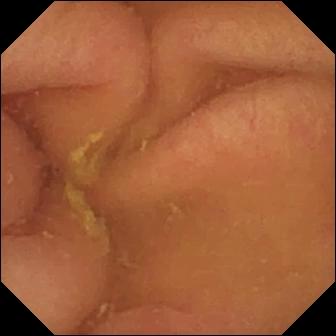Wireless capsule endoscopy view taken in the pylorus region (where the capsule passes from the stomach into the small bowel).